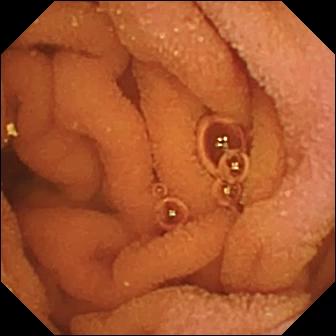This WCE still of the small intestine shows normal clean mucosa.